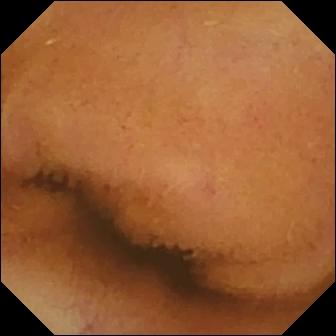This small-bowel capsule endoscopy frame of the small bowel shows normal clean mucosa.